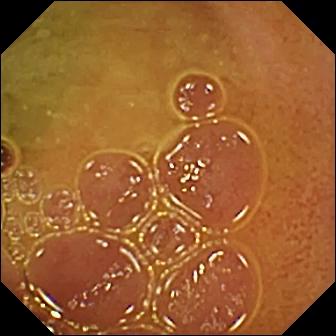- modality: WCE
- category: luminal finding
- finding: normal clean mucosa